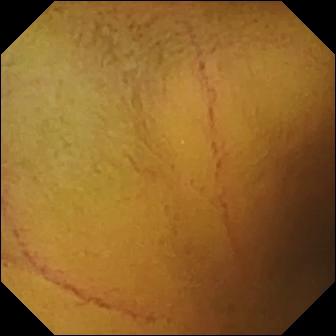Capsule endoscopy. Luminal finding. Finding: normal clean mucosa.